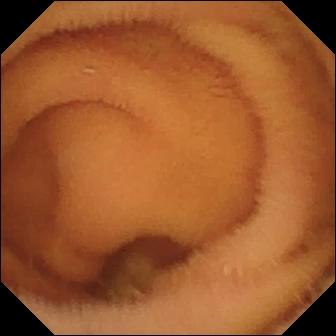Small-bowel capsule endoscopy still of the small intestine showing normal clean mucosa.